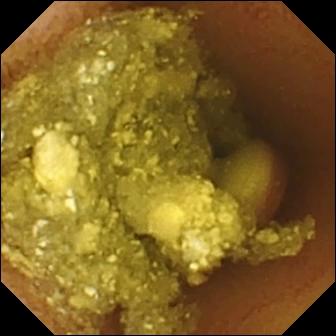Foreign body (e.g. retained capsule, tablet residue).